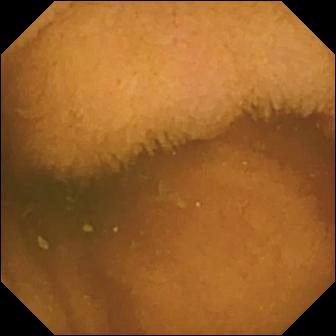- modality: wireless capsule endoscopy
- segment: small intestine
- category: luminal finding
- observation: normal clean mucosa